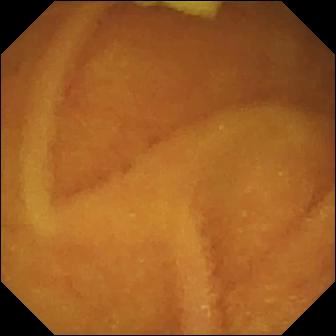Normal clean mucosa — capsule endoscopy frame of the small intestine.